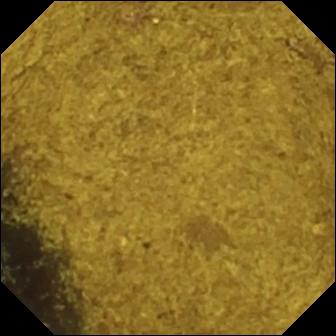Wireless capsule endoscopy. Location: ileo-cecal valve region (the transition from the small bowel to the large bowel).